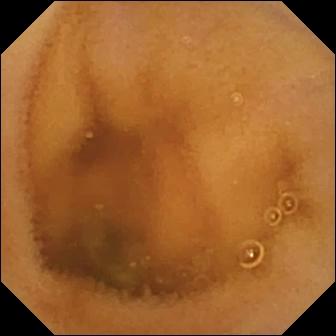Normal clean mucosa — video capsule endoscopy still.